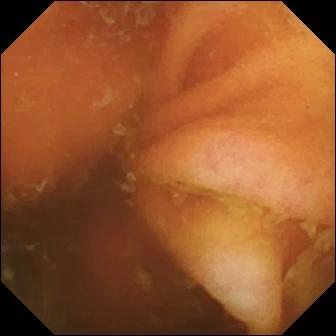This VCE snapshot was taken in the ileo-cecal valve region (the transition from the small bowel to the large bowel).